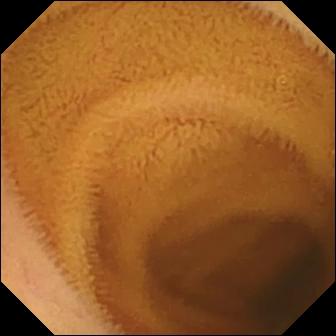Normal clean mucosa — wireless capsule endoscopy snapshot.